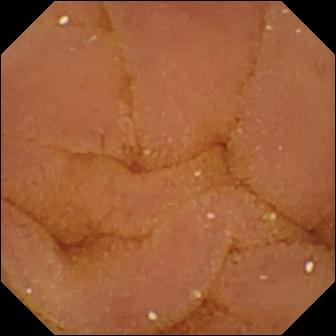modality: small-bowel capsule endoscopy; category: luminal finding; finding: normal clean mucosa